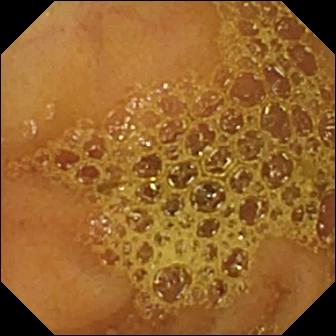Q: Where in the digestive tract was this wireless capsule endoscopy still taken?
A: Ileo-cecal valve region (where the capsule passes from the small bowel into the large bowel).